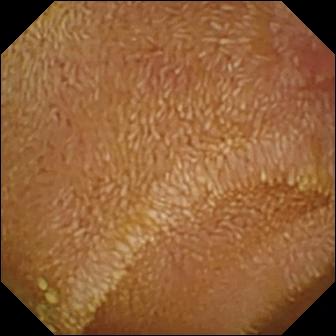modality: VCE | category: luminal finding | impression: erosion